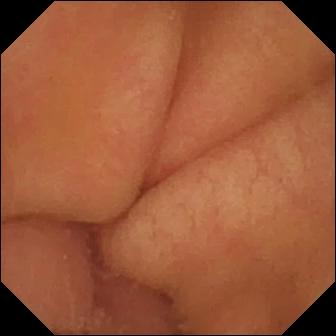{"modality": "VCE", "category": "anatomical landmark", "location": "pylorus region (where the capsule passes from the stomach into the small bowel)"}